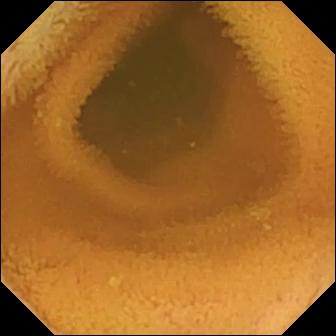modality: WCE
segment: small bowel
category: luminal finding
impression: normal clean mucosa